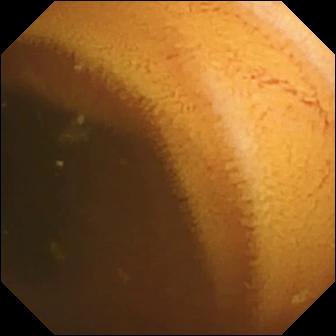Q: What does this video capsule endoscopy image of the small bowel show?
A: Normal clean mucosa.